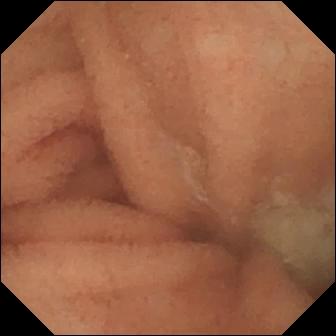This small-bowel capsule endoscopy still of the small bowel shows normal clean mucosa.